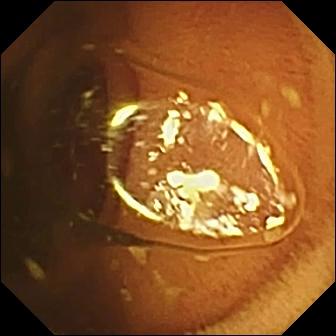{"modality": "wireless capsule endoscopy", "finding": "normal clean mucosa"}